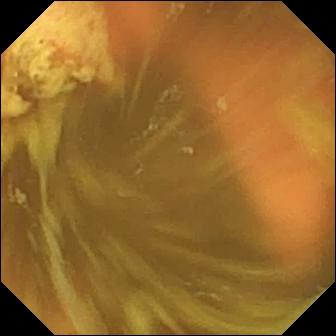VCE. Position: ileo-cecal valve region (the transition from the small bowel to the large bowel).